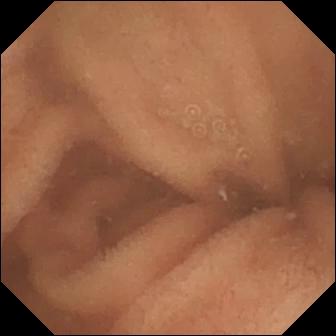modality: VCE; segment: small intestine; observation: normal clean mucosa